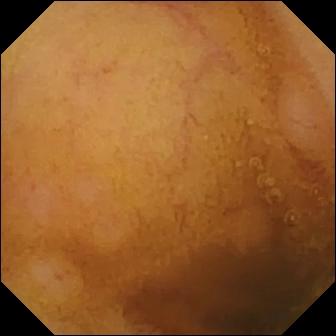WCE. Small bowel. Observation: normal clean mucosa.